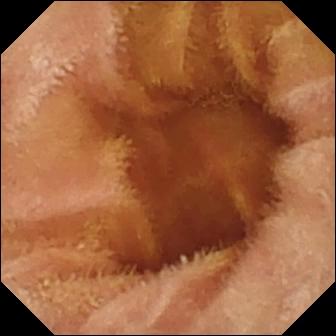Wireless capsule endoscopy. Luminal finding. Label: normal clean mucosa.